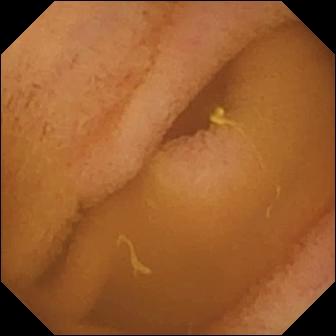PROCEDURE: VCE.
SEGMENT: Small bowel.
FINDINGS: Normal clean mucosa.